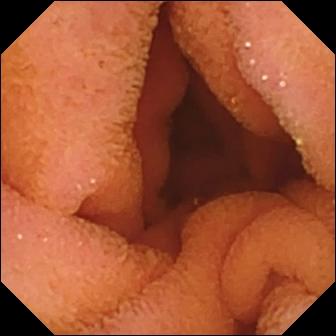- modality: video capsule endoscopy
- category: luminal finding
- observation: normal clean mucosa